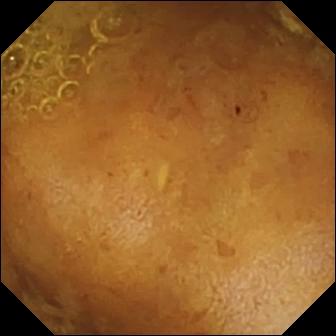WCE still
Observation: reduced mucosal view (content or bubbles obscuring the mucosa)